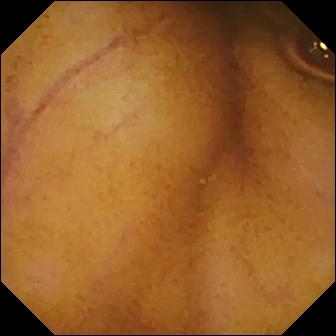- modality: wireless capsule endoscopy
- impression: normal clean mucosa